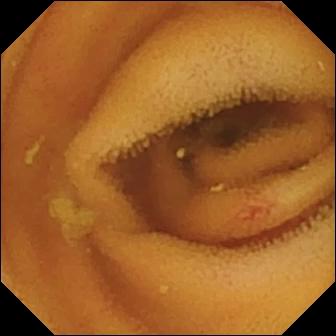PROCEDURE: VCE.
FINDINGS: Angiectasia.